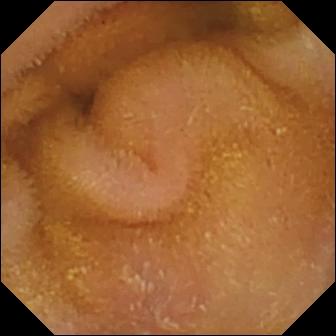Small-bowel capsule endoscopy — normal clean mucosa.